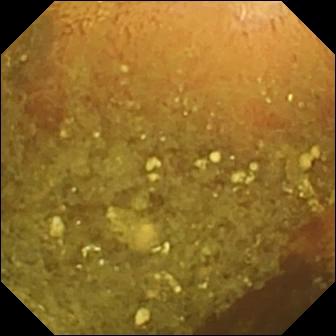Reduced mucosal view (content or bubbles obscuring the mucosa) (336×336).